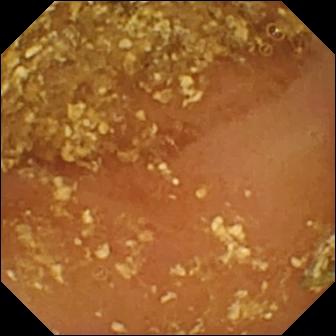- modality: video capsule endoscopy
- impression: reduced mucosal view (content or bubbles obscuring the mucosa)